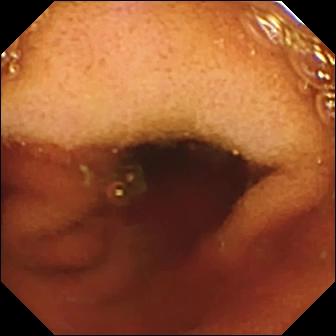WCE. Position: ileo-cecal valve region (where the capsule passes from the small bowel into the large bowel).